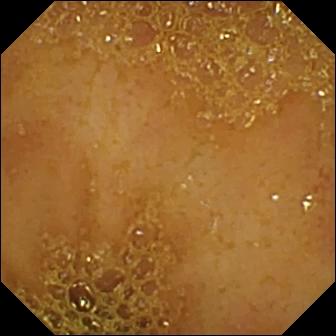Q: Where in the digestive tract was this VCE still taken?
A: Ileo-cecal valve region (the transition from the small bowel to the large bowel).